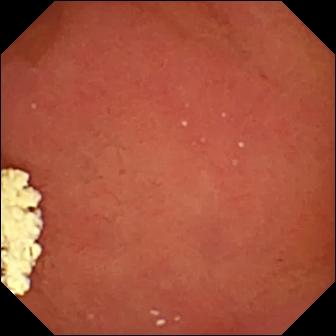VCE still, 336×336. Taken in the pylorus region.